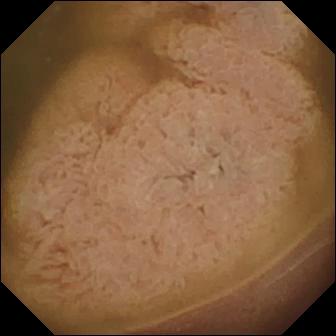VCE. Position: ileo-cecal valve region (where the capsule passes from the small bowel into the large bowel).